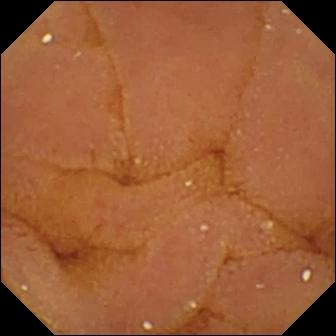- modality: VCE
- segment: small intestine
- impression: normal clean mucosa